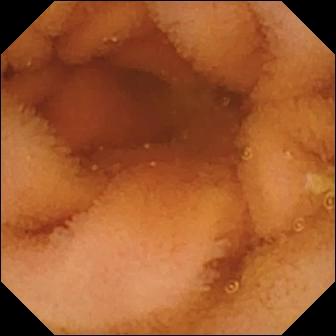This small-bowel capsule endoscopy snapshot shows normal clean mucosa.